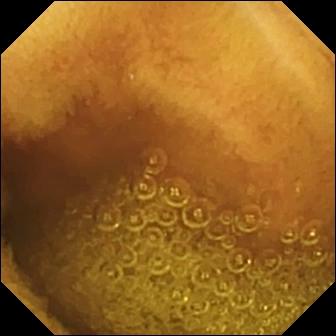Video capsule endoscopy image of the small bowel showing normal clean mucosa.